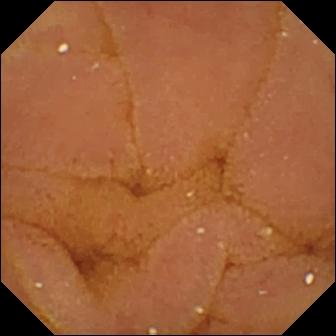Capsule endoscopy frame of the small intestine showing normal clean mucosa.